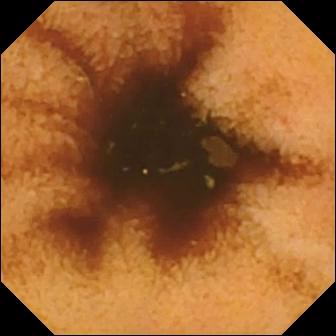Q: What does this VCE frame of the small bowel show?
A: Normal clean mucosa.